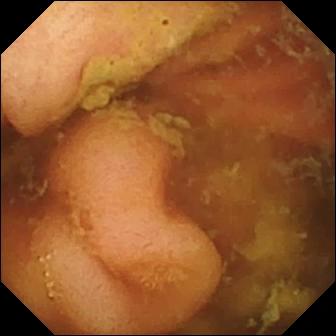modality: small-bowel capsule endoscopy
location: ileo-cecal valve region (the transition from the small bowel to the large bowel)